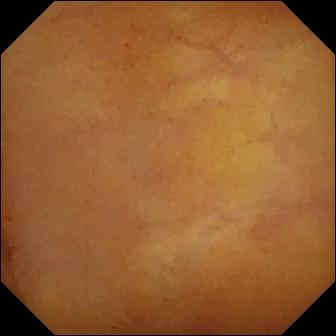Video capsule endoscopy image of the small bowel showing normal clean mucosa.